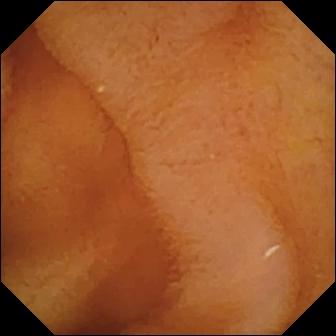Normal clean mucosa — VCE view.